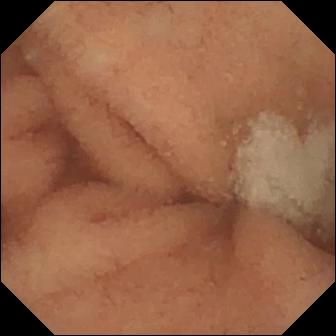WCE. Small bowel. Finding: normal clean mucosa.